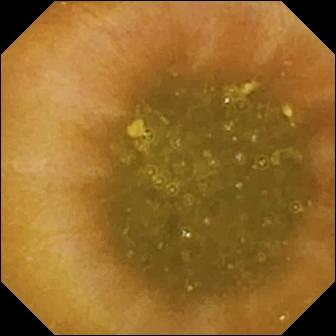This small-bowel capsule endoscopy frame was taken in the ileo-cecal valve region (the transition from the small bowel to the large bowel).